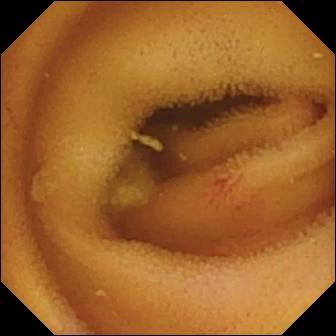WCE snapshot
Impression: angiectasia